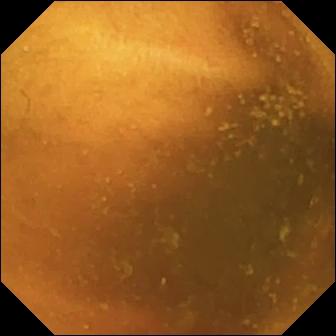Wireless capsule endoscopy snapshot, small bowel
Impression: normal clean mucosa